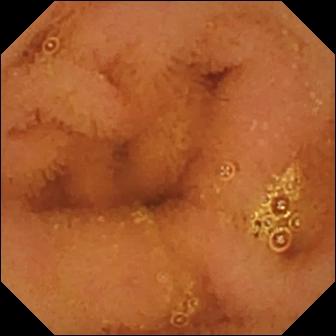WCE — normal clean mucosa.